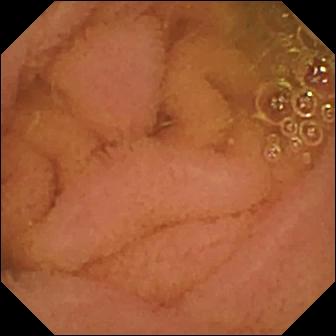Wireless capsule endoscopy — normal clean mucosa.